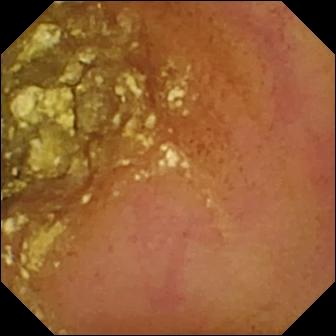This WCE image shows normal clean mucosa.